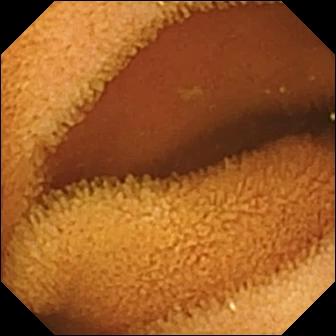This capsule endoscopy image of the small intestine shows normal clean mucosa.